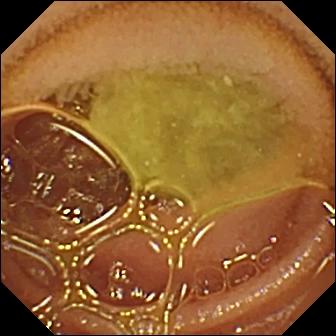modality: capsule endoscopy; category: luminal finding; observation: normal clean mucosa